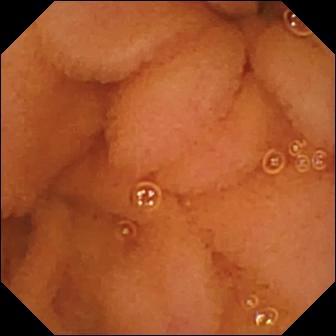Normal clean mucosa.